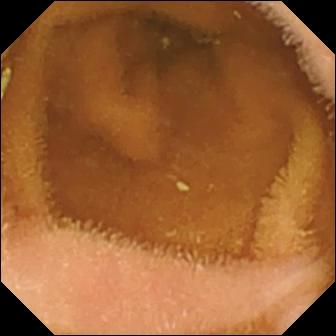Normal clean mucosa — VCE snapshot.